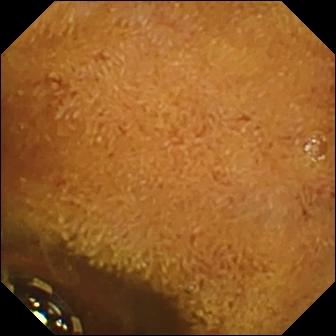modality: wireless capsule endoscopy
label: foreign body (e.g. retained capsule, tablet residue)